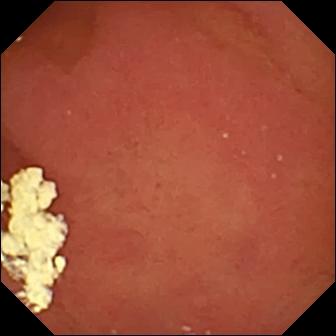modality: capsule endoscopy
label: pylorus region (where the capsule passes from the stomach into the small bowel)